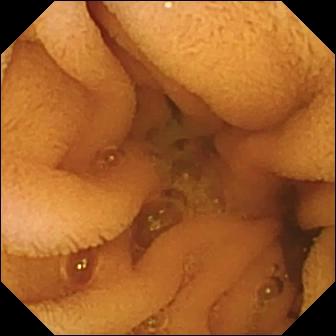Wireless capsule endoscopy image, small intestine
Finding: normal clean mucosa